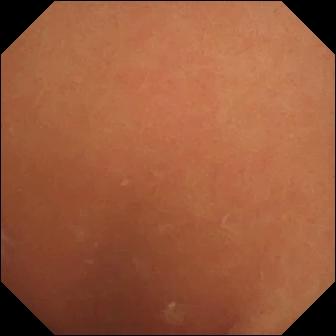VCE — normal clean mucosa.